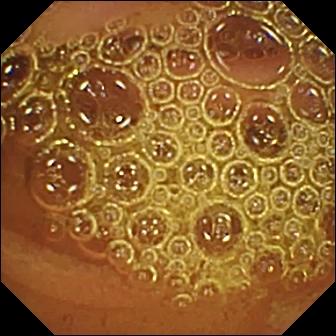modality: wireless capsule endoscopy
category: luminal finding
label: normal clean mucosa